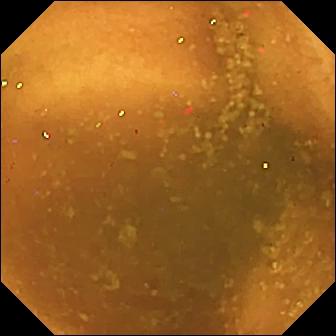WCE snapshot. Normal clean mucosa.